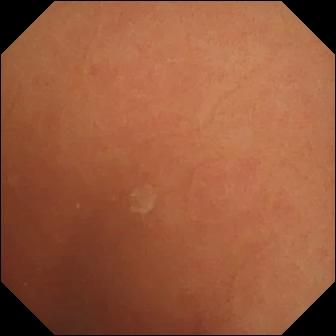Normal clean mucosa.